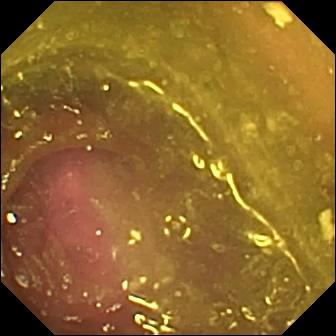Small-bowel capsule endoscopy image of the small intestine showing reduced mucosal view (content or bubbles obscuring the mucosa).